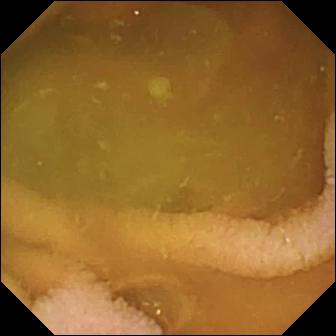modality: WCE; finding: normal clean mucosa